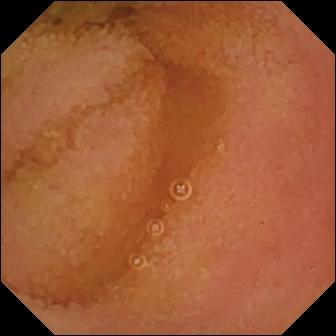Video capsule endoscopy still
Label: normal clean mucosa